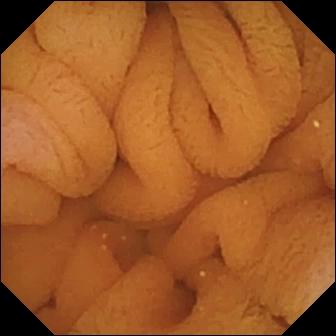Normal clean mucosa — VCE image of the small intestine.